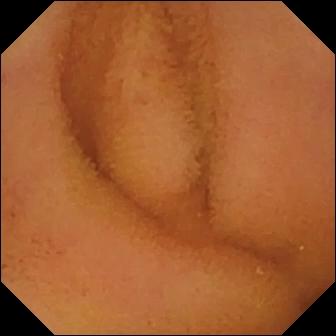PROCEDURE: Small-bowel capsule endoscopy.
FINDINGS: Normal clean mucosa.